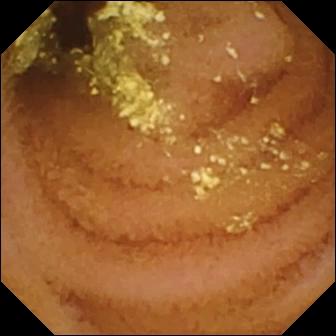Normal clean mucosa — wireless capsule endoscopy still of the small bowel.